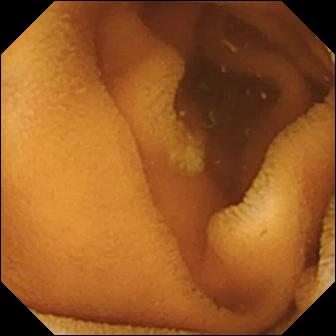Normal clean mucosa.